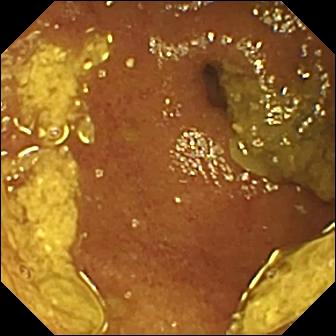Video capsule endoscopy. Video segment: ileo-cecal valve region (where the capsule passes from the small bowel into the large bowel).